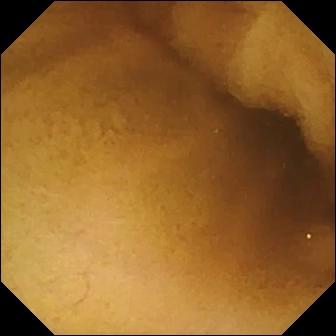Q: What does this VCE still of the small bowel show?
A: Normal clean mucosa.